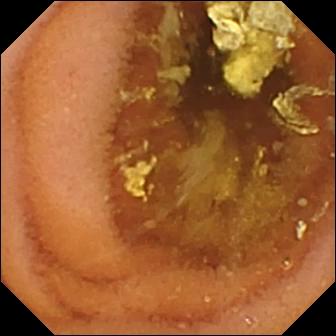- modality: WCE
- category: luminal finding
- label: normal clean mucosa